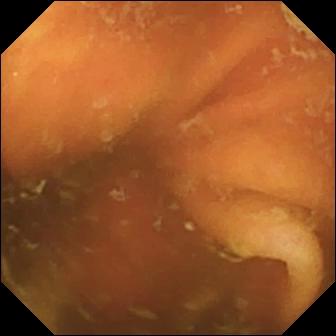VCE — ileo-cecal valve region.